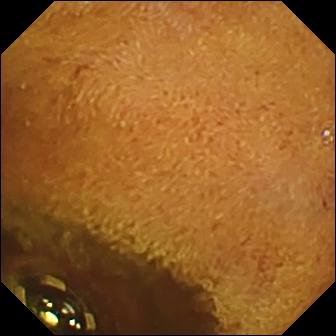- modality: VCE
- category: luminal finding
- impression: foreign body (e.g. retained capsule, tablet residue)